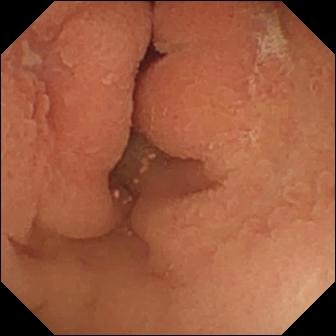PROCEDURE: Capsule endoscopy.
FINDINGS: Erosion.